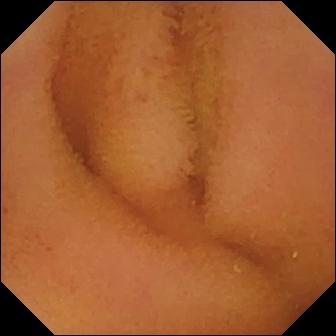- modality: WCE
- segment: small intestine
- category: luminal finding
- observation: normal clean mucosa